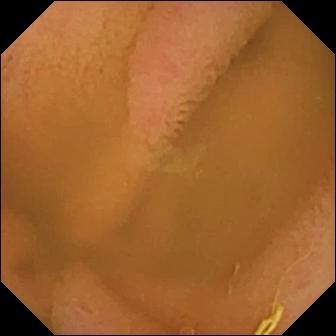PROCEDURE: Video capsule endoscopy.
FINDINGS: Normal clean mucosa.